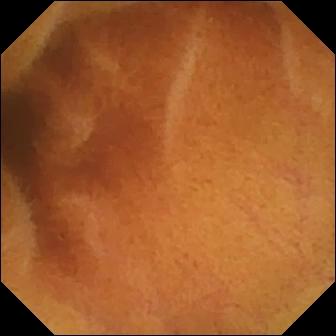This VCE image of the small bowel shows normal clean mucosa.